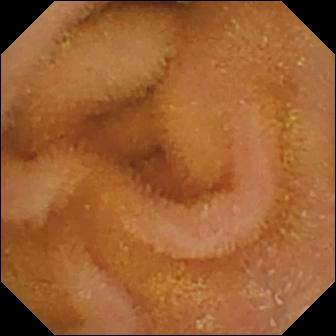Small-bowel capsule endoscopy snapshot
Impression: normal clean mucosa